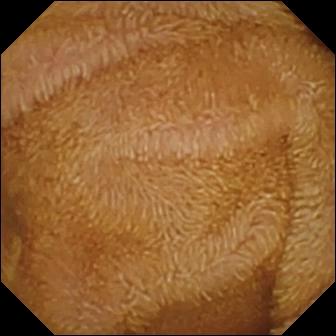- modality: wireless capsule endoscopy
- segment: small intestine
- label: normal clean mucosa